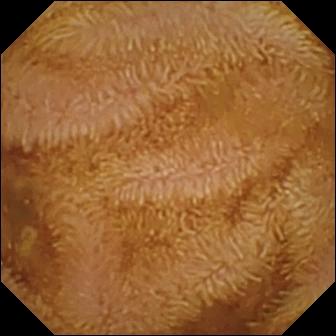Wireless capsule endoscopy frame
Label: normal clean mucosa